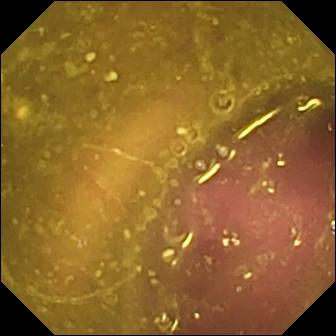Small-bowel capsule endoscopy still, small bowel
Finding: reduced mucosal view (content or bubbles obscuring the mucosa)